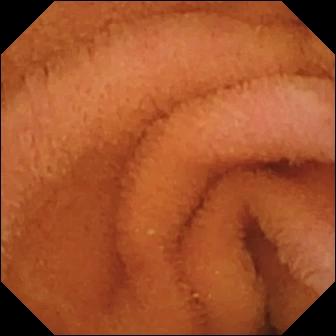PROCEDURE: Video capsule endoscopy.
SEGMENT: Small intestine.
FINDINGS: Normal clean mucosa.